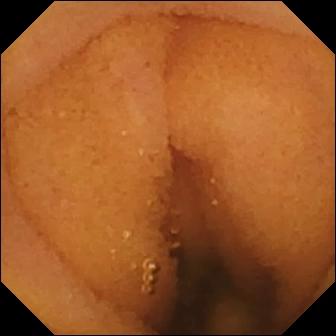Video capsule endoscopy image (small bowel). Normal clean mucosa.